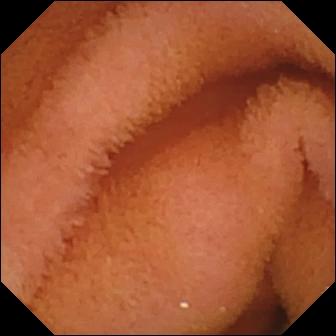Capsule endoscopy still of the small bowel showing normal clean mucosa.